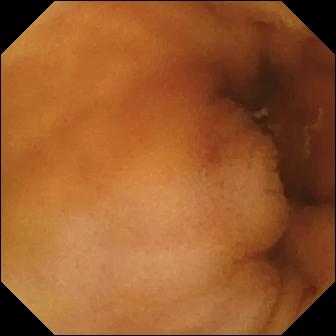PROCEDURE: Video capsule endoscopy.
FINDINGS: Normal clean mucosa.